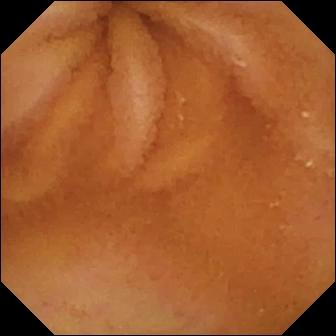This VCE snapshot shows normal clean mucosa.